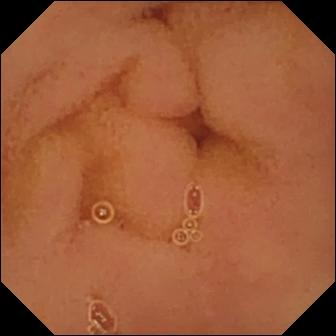This capsule endoscopy image of the small bowel shows normal clean mucosa.